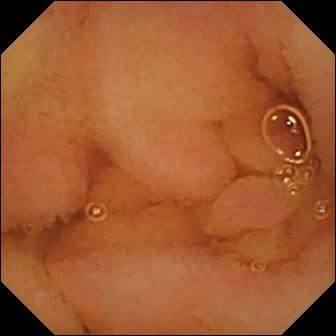PROCEDURE: Wireless capsule endoscopy.
SEGMENT: Small intestine.
FINDINGS: Normal clean mucosa.